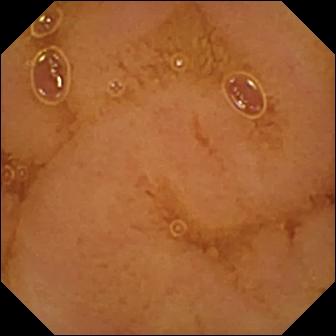PROCEDURE: Small-bowel capsule endoscopy.
FINDINGS: Normal clean mucosa.